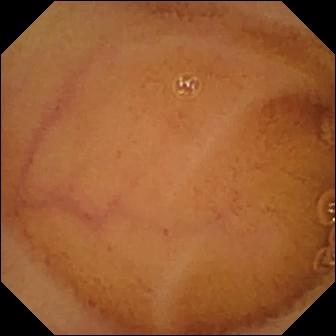modality: small-bowel capsule endoscopy | segment: small bowel | impression: normal clean mucosa